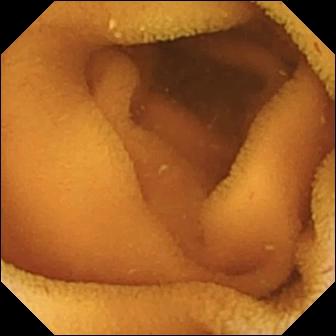- modality: small-bowel capsule endoscopy
- category: luminal finding
- impression: normal clean mucosa